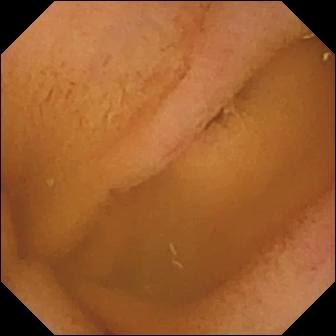Wireless capsule endoscopy view, small intestine
Impression: normal clean mucosa